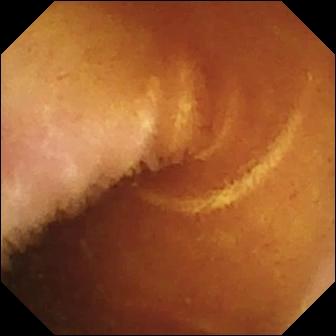Wireless capsule endoscopy snapshot (small intestine), 336×336. Normal clean mucosa.